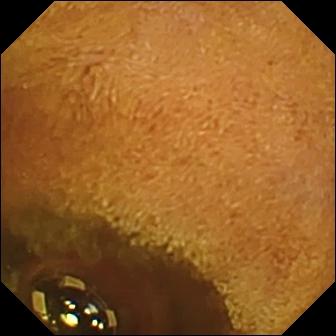{"modality": "capsule endoscopy", "finding": "foreign body (e.g. retained capsule, tablet residue)"}